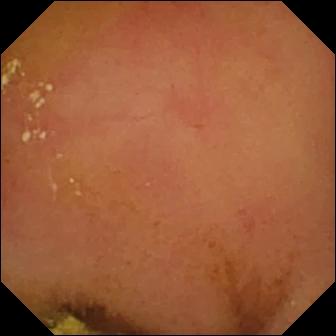Small-bowel capsule endoscopy still of the small bowel showing normal clean mucosa.